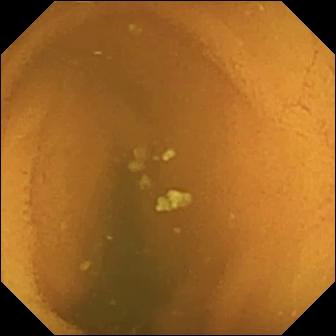Normal clean mucosa.